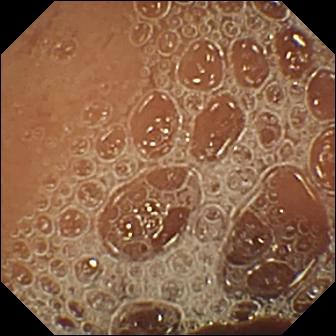This small-bowel capsule endoscopy snapshot shows normal clean mucosa.